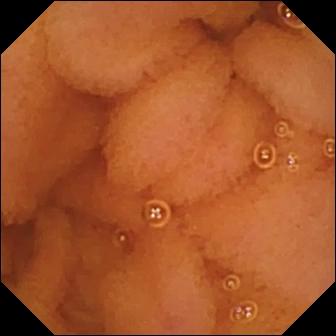modality: WCE; impression: normal clean mucosa